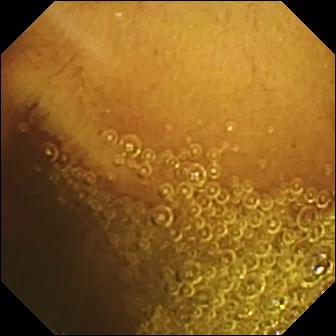Q: What does this wireless capsule endoscopy image show?
A: Normal clean mucosa.